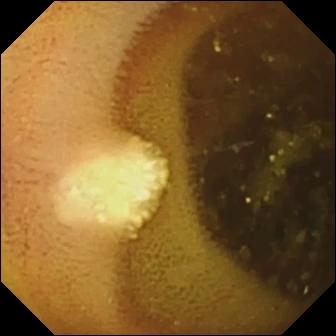This wireless capsule endoscopy view shows lymphangiectasia.